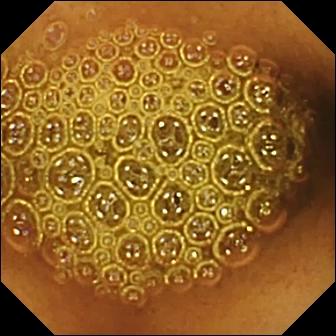Reduced mucosal view (content or bubbles obscuring the mucosa).